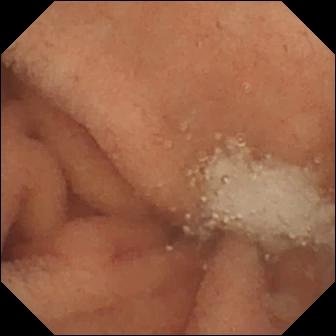modality: video capsule endoscopy
segment: small bowel
label: normal clean mucosa